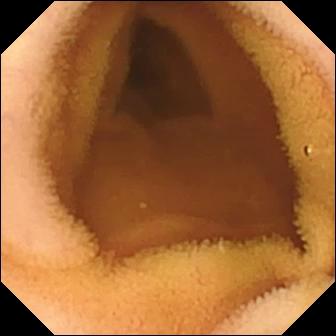Q: What does this WCE snapshot show?
A: Normal clean mucosa.